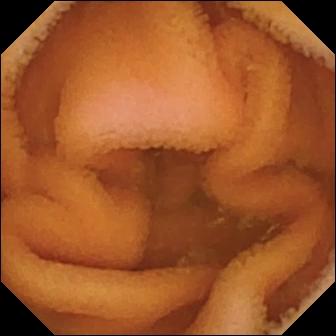Normal clean mucosa — video capsule endoscopy image.